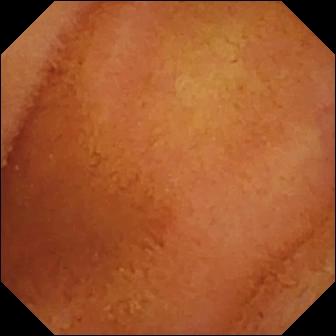Video capsule endoscopy image (small bowel). Normal clean mucosa.